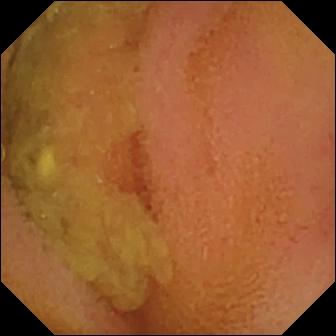- modality: small-bowel capsule endoscopy
- observation: normal clean mucosa